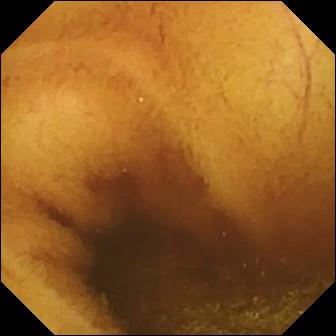WCE snapshot of the small intestine showing normal clean mucosa.